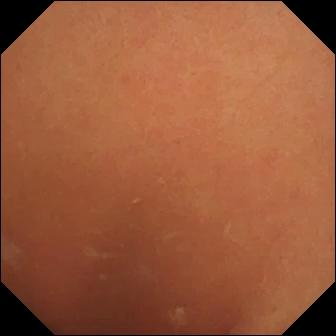Capsule endoscopy still. Normal clean mucosa.